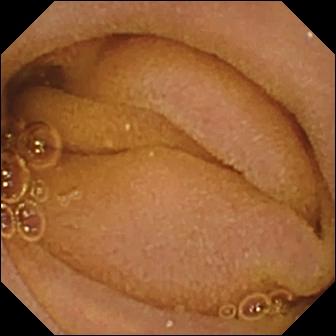Q: What does this capsule endoscopy view show?
A: Normal clean mucosa.